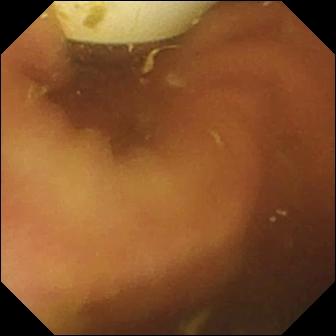modality: WCE | category: luminal finding | impression: foreign body (e.g. retained capsule, tablet residue)